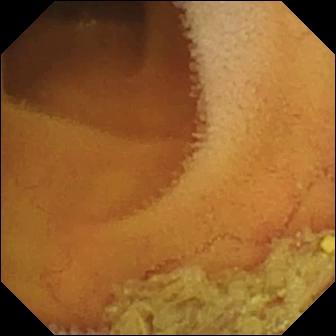Normal clean mucosa — video capsule endoscopy snapshot of the small bowel.